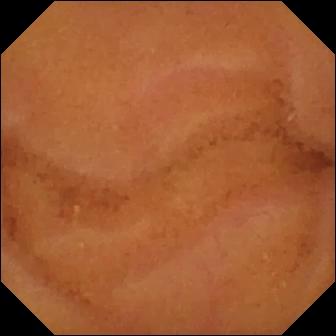Q: What does this VCE frame of the small intestine show?
A: Normal clean mucosa.